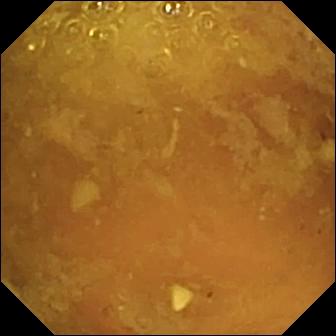WCE. Small bowel. Impression: reduced mucosal view (content or bubbles obscuring the mucosa).